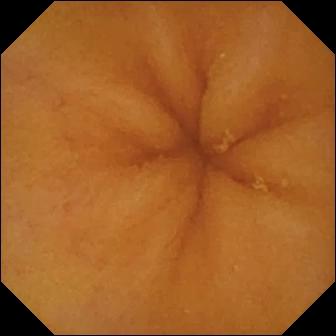Capsule endoscopy — normal clean mucosa.